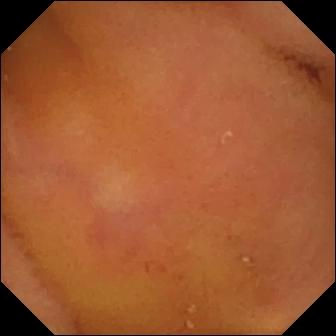Q: What does this small-bowel capsule endoscopy snapshot show?
A: Normal clean mucosa.